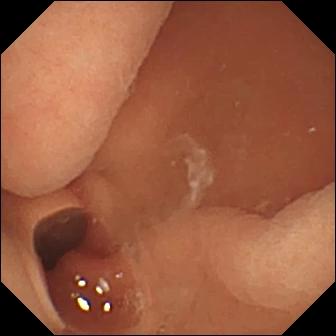VCE still showing normal clean mucosa.